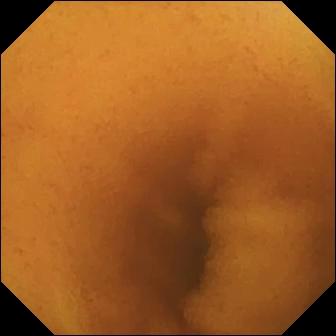modality: small-bowel capsule endoscopy; segment: small bowel; observation: normal clean mucosa